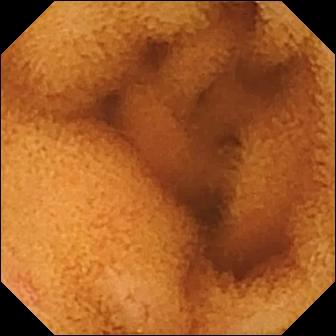VCE frame, small intestine
Finding: normal clean mucosa